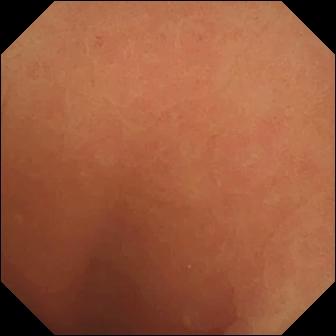Q: What does this VCE snapshot show?
A: Normal clean mucosa.